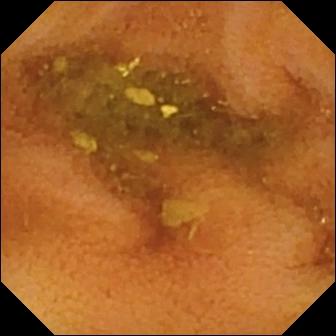{"modality": "capsule endoscopy", "segment": "small bowel", "category": "luminal finding", "finding": "normal clean mucosa"}